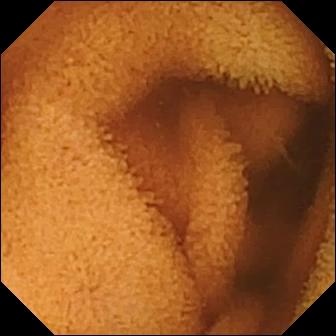Capsule endoscopy view of the small bowel showing normal clean mucosa.